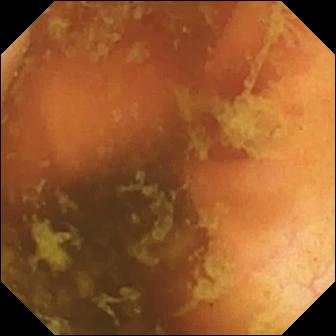Wireless capsule endoscopy snapshot taken in the ileo-cecal valve region.